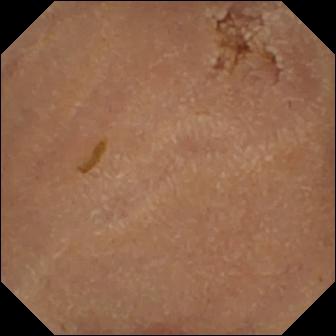modality: WCE | segment: small bowel | category: luminal finding | finding: normal clean mucosa